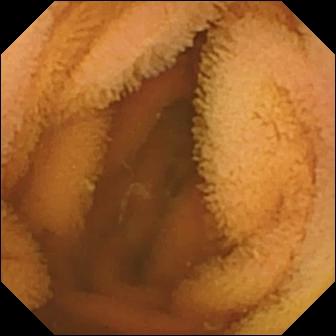PROCEDURE: WCE.
SEGMENT: Small intestine.
FINDINGS: Normal clean mucosa.